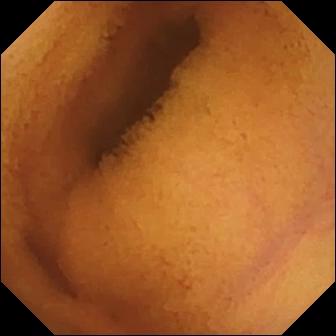Small-bowel capsule endoscopy. Finding: normal clean mucosa.